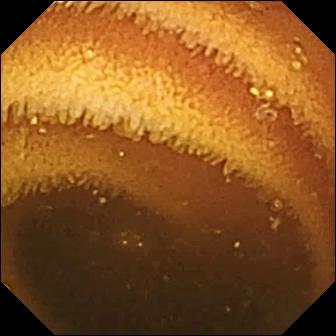- modality: capsule endoscopy
- observation: normal clean mucosa